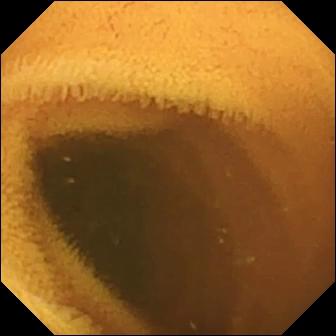This capsule endoscopy frame shows normal clean mucosa.